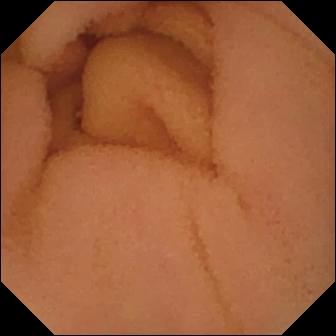VCE still showing normal clean mucosa.